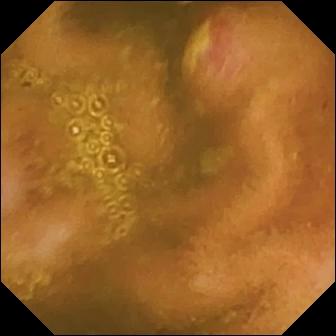Video capsule endoscopy still. Ulcer.